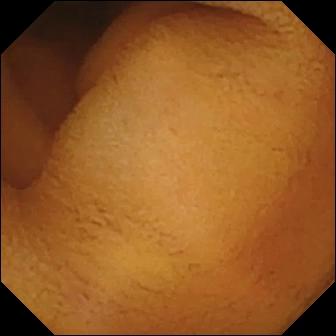Normal clean mucosa.